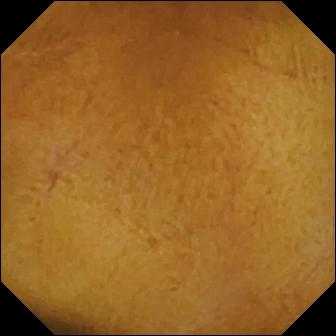Normal clean mucosa.